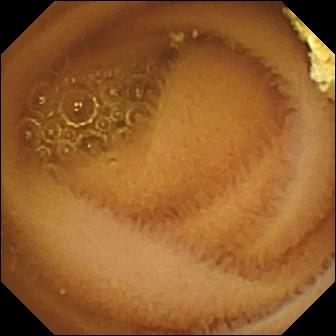Normal clean mucosa (336×336).